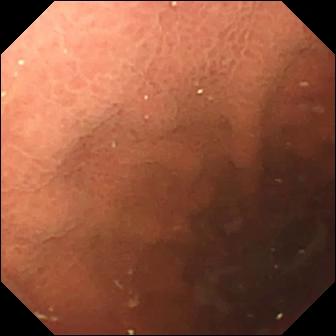This wireless capsule endoscopy image was taken in the pylorus region.